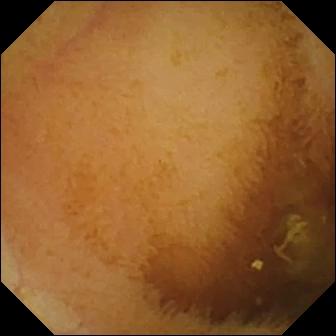Wireless capsule endoscopy. Small bowel. Impression: normal clean mucosa.